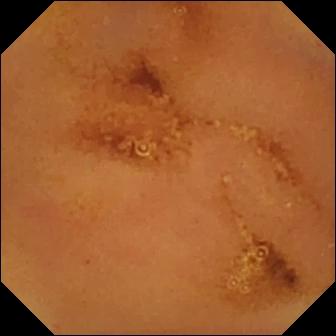modality: small-bowel capsule endoscopy
impression: normal clean mucosa